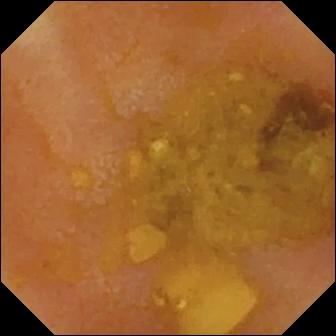Q: What does this video capsule endoscopy frame of the small intestine show?
A: Reduced mucosal view (content or bubbles obscuring the mucosa).